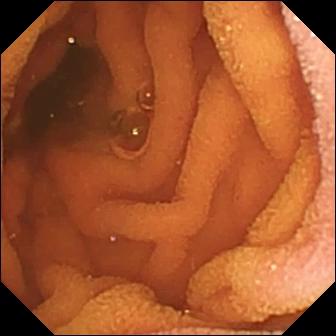modality: capsule endoscopy
segment: small bowel
label: normal clean mucosa